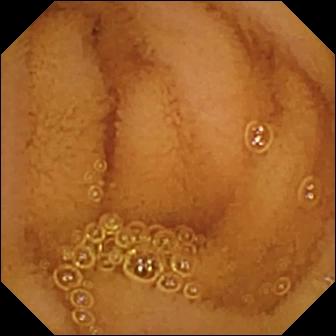Capsule endoscopy — normal clean mucosa.